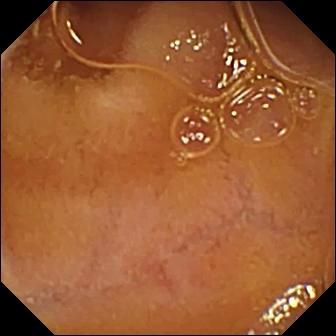Video capsule endoscopy frame, small bowel
Impression: normal clean mucosa